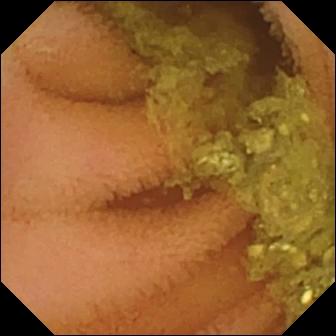Capsule endoscopy frame showing normal clean mucosa.